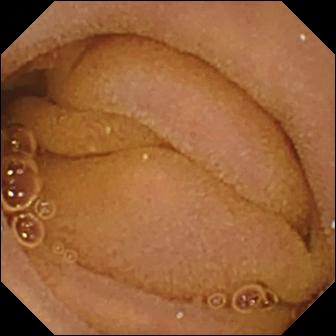{"modality": "capsule endoscopy", "segment": "small bowel", "finding": "normal clean mucosa"}